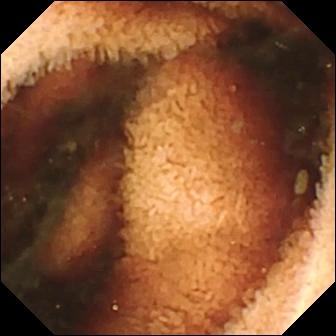This capsule endoscopy still shows fresh blood in the lumen.